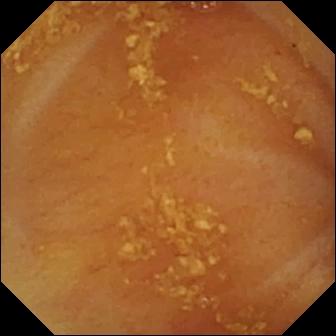Ileo-cecal valve region — video capsule endoscopy still.